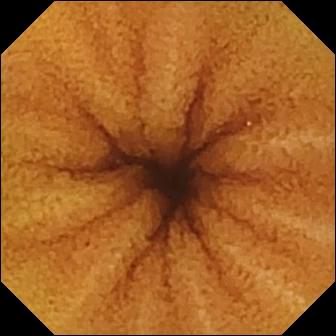- modality: wireless capsule endoscopy
- impression: normal clean mucosa